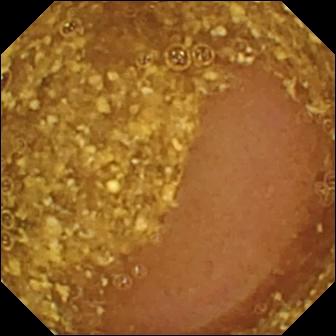Reduced mucosal view (content or bubbles obscuring the mucosa) (336×336).